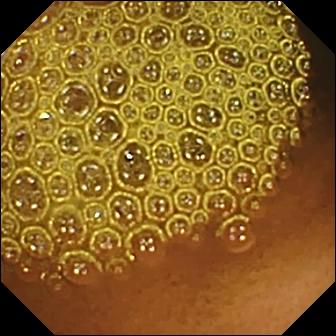- modality: WCE
- impression: reduced mucosal view (content or bubbles obscuring the mucosa)